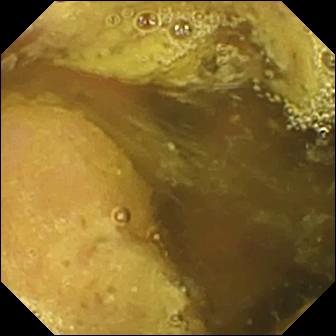WCE image
Label: ileo-cecal valve region (where the capsule passes from the small bowel into the large bowel)